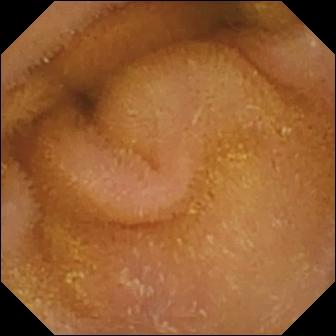{"modality": "video capsule endoscopy", "finding": "normal clean mucosa"}